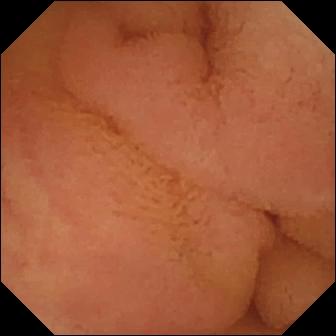WCE snapshot. Normal clean mucosa.